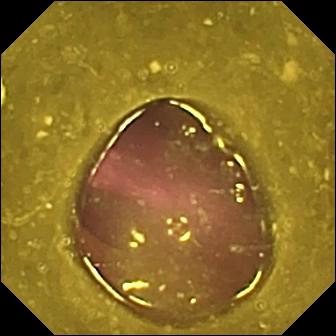- modality: small-bowel capsule endoscopy
- segment: small bowel
- label: reduced mucosal view (content or bubbles obscuring the mucosa)